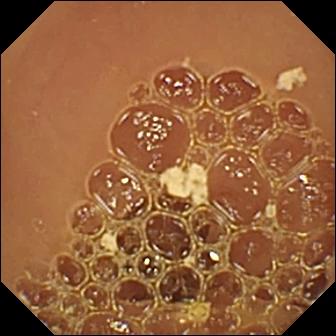This capsule endoscopy image shows normal clean mucosa.